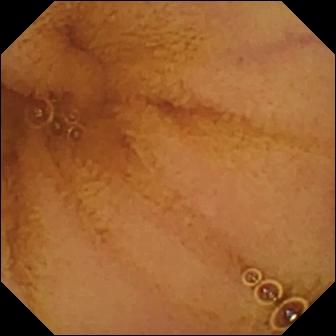VCE — normal clean mucosa.